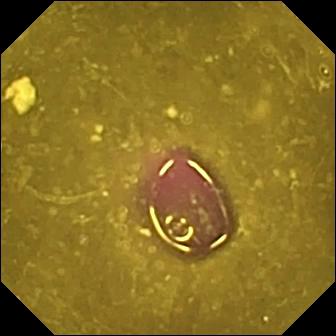modality: wireless capsule endoscopy | segment: small intestine | category: luminal finding | finding: reduced mucosal view (content or bubbles obscuring the mucosa)